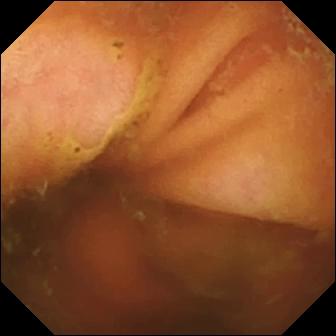WCE frame taken in the ileo-cecal valve region.